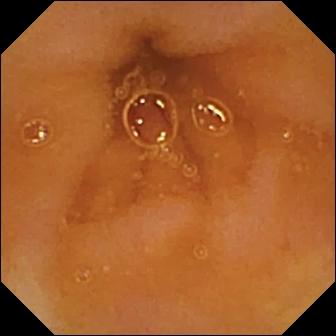Q: What does this wireless capsule endoscopy view of the small intestine show?
A: Normal clean mucosa.